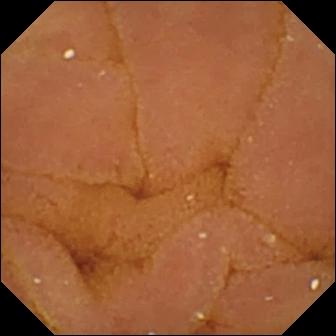- modality: VCE
- impression: normal clean mucosa